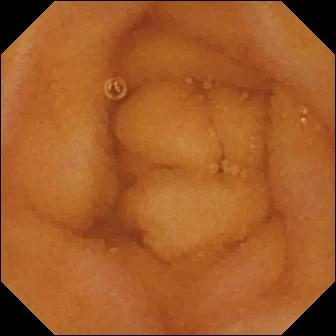This small-bowel capsule endoscopy snapshot of the small intestine shows normal clean mucosa.